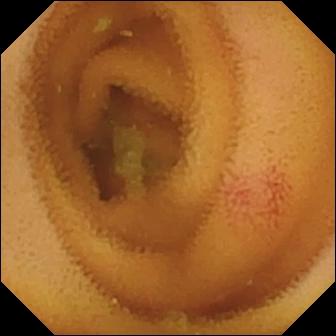Q: What does this video capsule endoscopy still show?
A: Angiectasia.